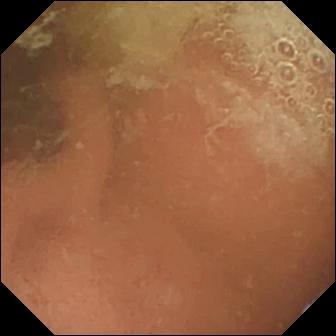Video capsule endoscopy. Small bowel. Observation: normal clean mucosa.